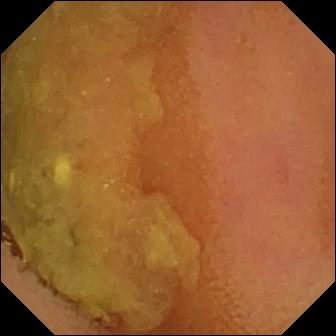Video capsule endoscopy — normal clean mucosa.